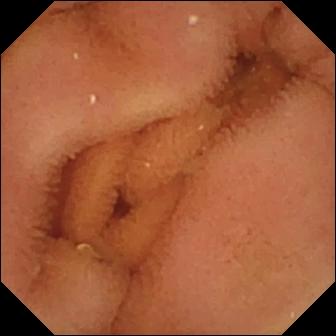Normal clean mucosa — wireless capsule endoscopy image of the small intestine.